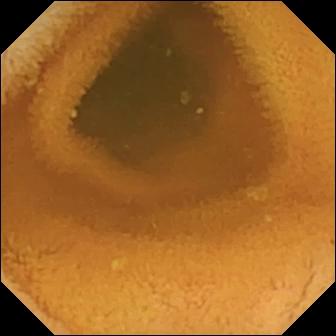{"modality": "wireless capsule endoscopy", "segment": "small bowel", "finding": "normal clean mucosa"}